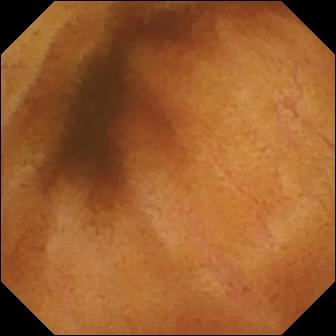Video capsule endoscopy — normal clean mucosa.